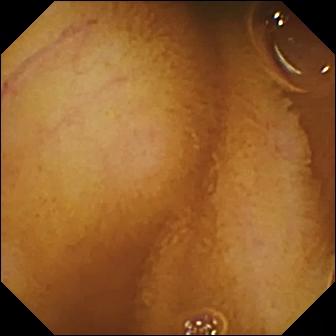{"modality": "WCE", "category": "luminal finding", "finding": "normal clean mucosa"}